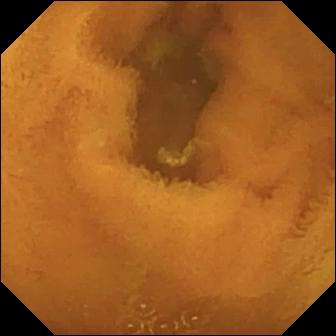Video capsule endoscopy image (small intestine). Normal clean mucosa.